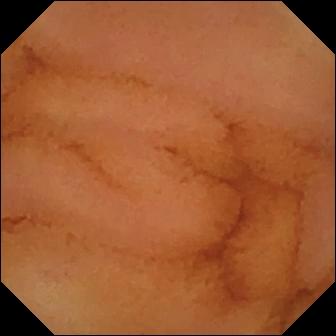- modality: capsule endoscopy
- impression: normal clean mucosa